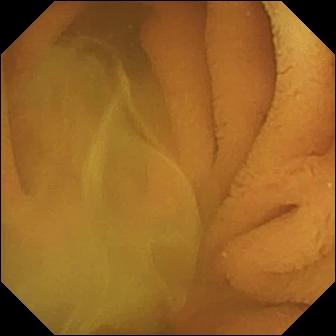This WCE frame of the small bowel shows normal clean mucosa.